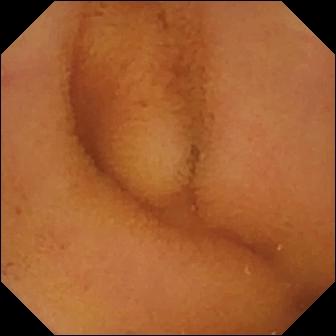PROCEDURE: Wireless capsule endoscopy.
SEGMENT: Small intestine.
FINDINGS: Normal clean mucosa.